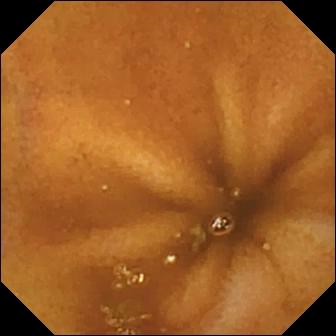PROCEDURE: WCE.
FINDINGS: Normal clean mucosa.